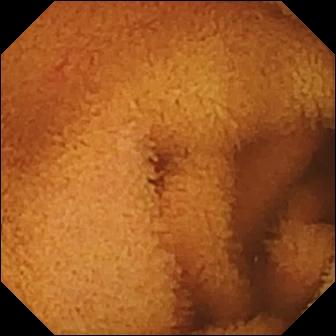Capsule endoscopy — normal clean mucosa.